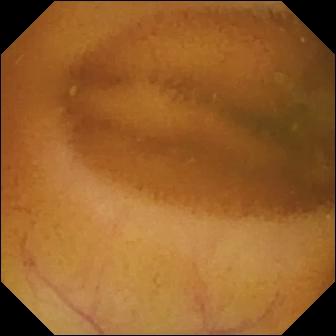Normal clean mucosa — wireless capsule endoscopy image of the small bowel.